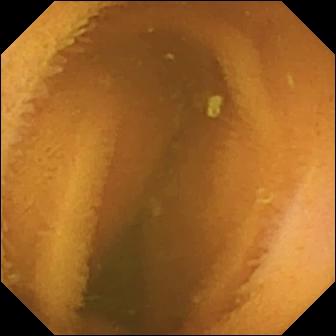Capsule endoscopy still, small bowel
Finding: normal clean mucosa